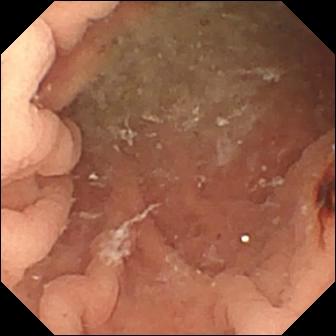WCE snapshot
Observation: angiectasia